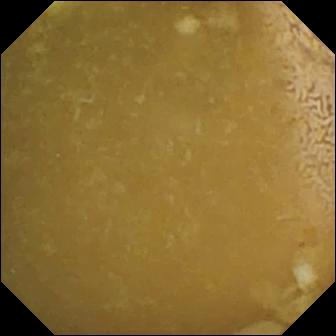VCE still. Taken in the ileo-cecal valve region (the transition from the small bowel to the large bowel).